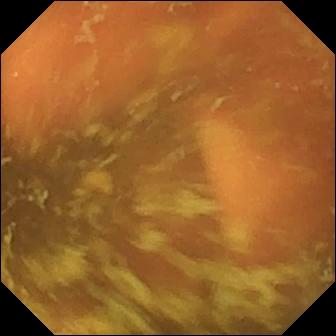modality: video capsule endoscopy; category: anatomical landmark; video segment: ileo-cecal valve region (where the capsule passes from the small bowel into the large bowel)